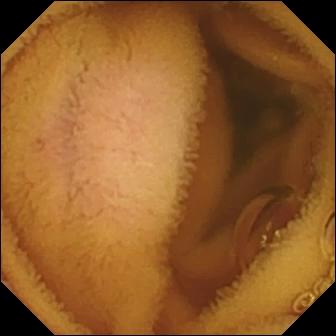PROCEDURE: VCE.
FINDINGS: Normal clean mucosa.